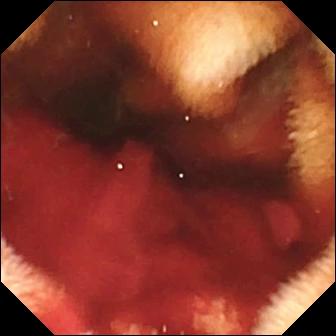- modality: VCE
- finding: fresh blood in the lumen